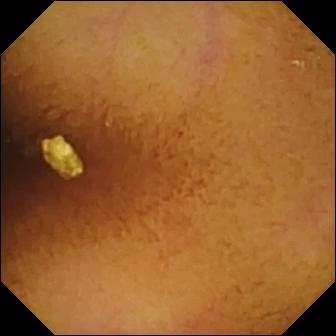WCE view of the small bowel showing normal clean mucosa.